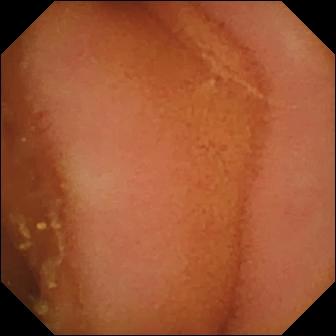Small-bowel capsule endoscopy image of the small bowel showing normal clean mucosa.